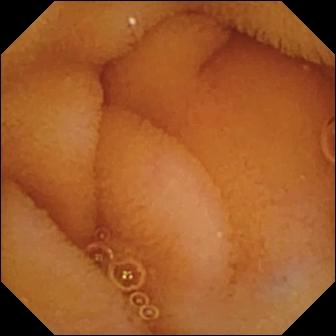{"modality": "video capsule endoscopy", "segment": "small intestine", "finding": "normal clean mucosa"}